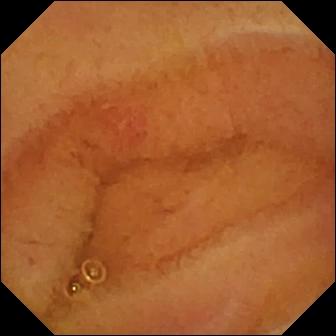Small-bowel capsule endoscopy image
Impression: erosion